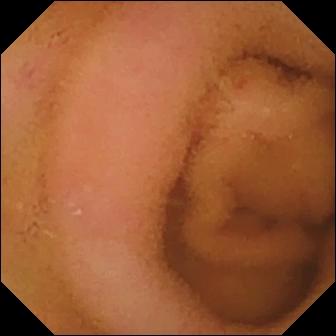Q: What does this wireless capsule endoscopy frame of the small bowel show?
A: Normal clean mucosa.